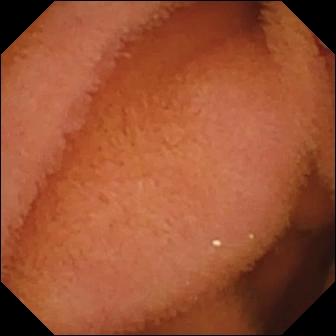Q: What does this wireless capsule endoscopy frame show?
A: Normal clean mucosa.